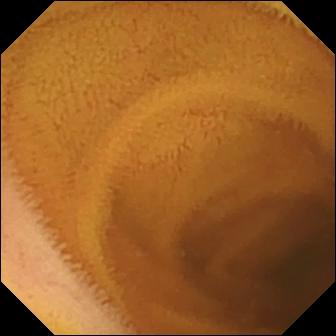Wireless capsule endoscopy view showing normal clean mucosa.